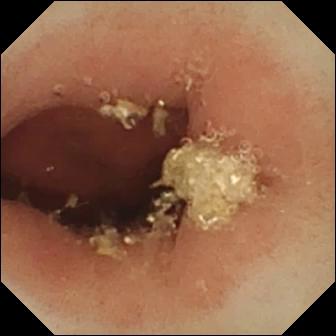Capsule endoscopy snapshot. Taken in the pylorus region (the junction between the stomach and the small bowel).